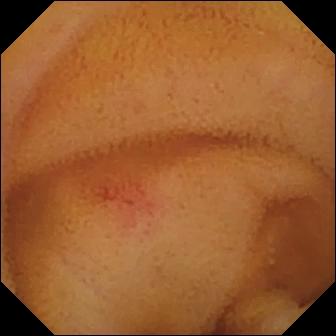Capsule endoscopy — angiectasia.